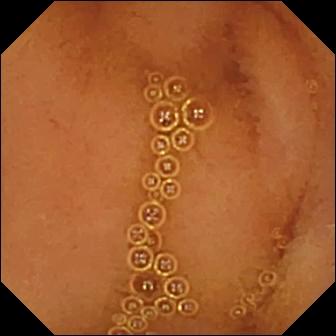Video capsule endoscopy view, 336×336. Normal clean mucosa.